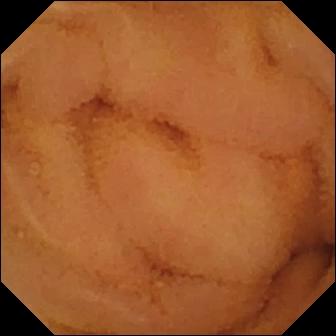{"modality": "wireless capsule endoscopy", "category": "luminal finding", "finding": "normal clean mucosa"}